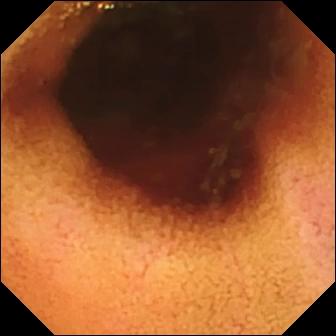VCE. Near an anatomical landmark. Position: ileo-cecal valve region (the transition from the small bowel to the large bowel).